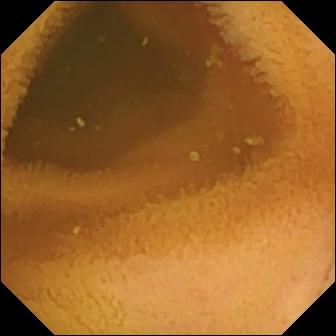Capsule endoscopy. Label: normal clean mucosa.